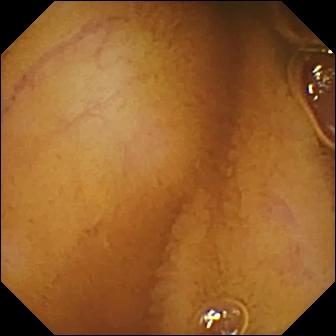This VCE image shows normal clean mucosa.